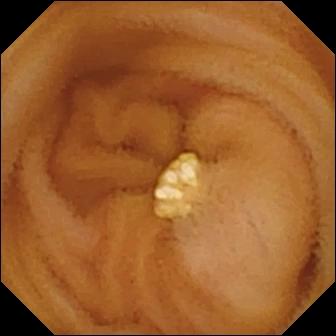Lymphangiectasia — WCE frame.